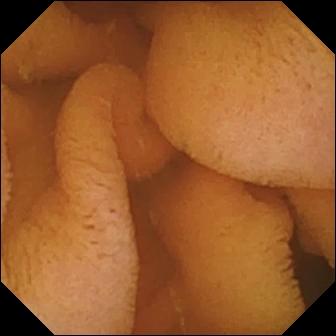Small-bowel capsule endoscopy view. Normal clean mucosa.